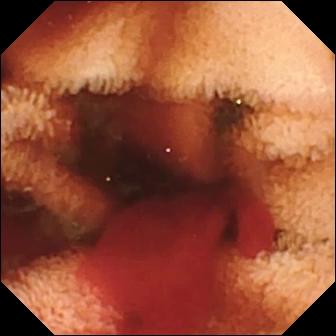Video capsule endoscopy snapshot. Fresh blood in the lumen.